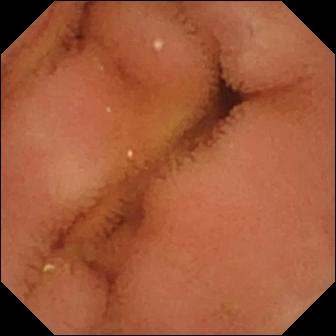Normal clean mucosa.